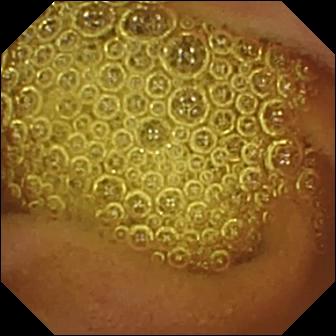Normal clean mucosa.